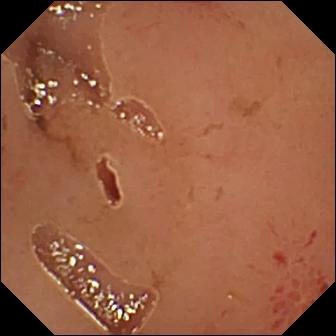VCE view showing erosion.